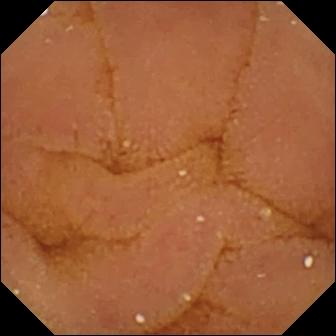{"modality": "WCE", "finding": "normal clean mucosa"}